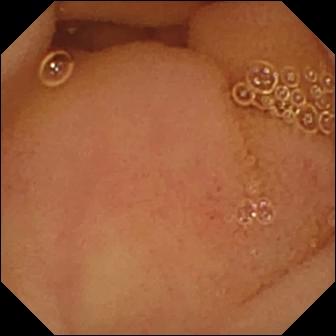- modality: capsule endoscopy
- observation: normal clean mucosa